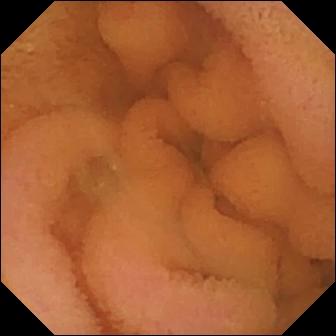Normal clean mucosa — wireless capsule endoscopy snapshot of the small bowel.